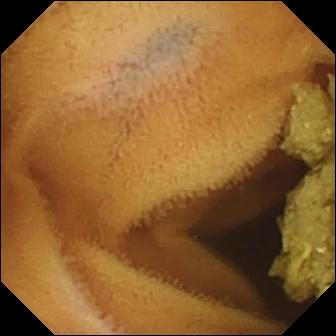Normal clean mucosa — WCE snapshot of the small intestine.